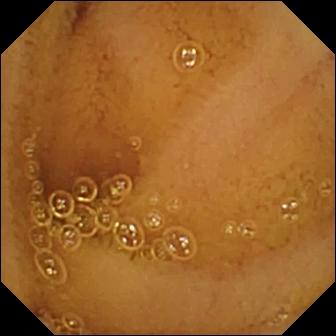- modality: VCE
- segment: small bowel
- finding: normal clean mucosa